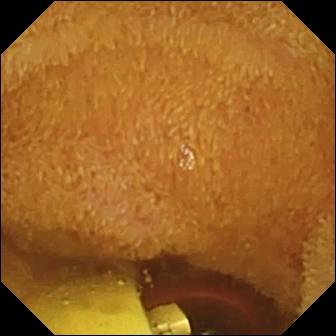Video capsule endoscopy frame showing foreign body (e.g. retained capsule, tablet residue).